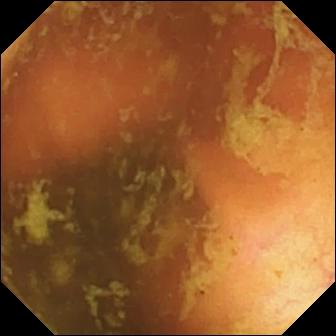modality: capsule endoscopy | position: ileo-cecal valve region